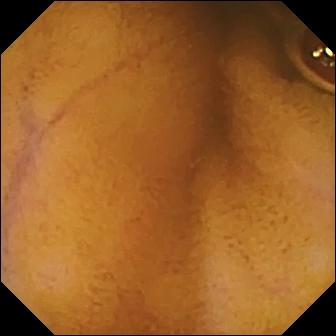Q: What does this wireless capsule endoscopy snapshot of the small intestine show?
A: Normal clean mucosa.